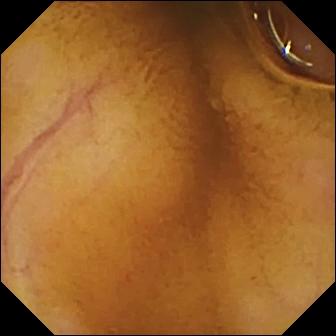Small-bowel capsule endoscopy — normal clean mucosa.